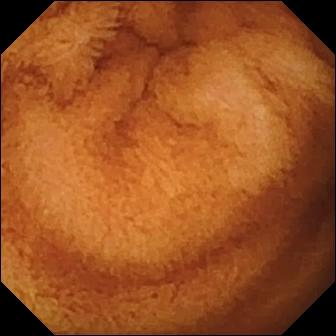Q: What does this WCE frame of the small intestine show?
A: Normal clean mucosa.